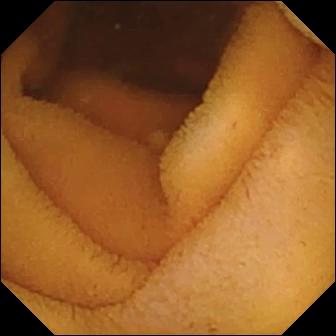modality: VCE; finding: normal clean mucosa